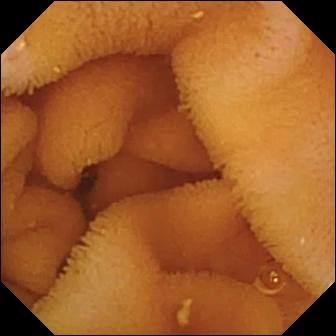Capsule endoscopy — normal clean mucosa.